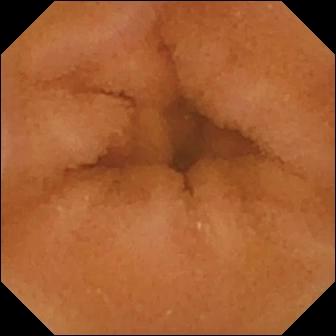Normal clean mucosa — video capsule endoscopy image.